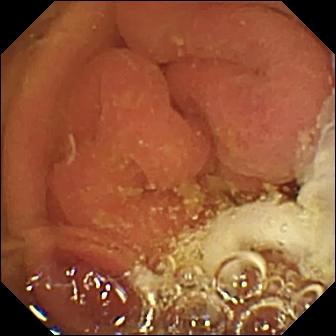Pylorus region — small-bowel capsule endoscopy frame.